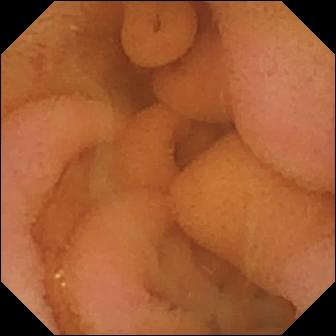Wireless capsule endoscopy. Small bowel. Luminal finding. Impression: normal clean mucosa.